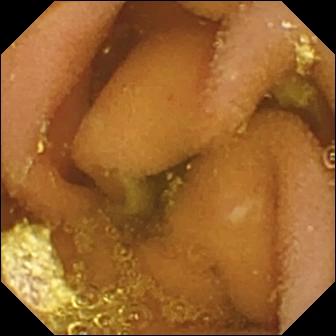Video capsule endoscopy snapshot showing lymphangiectasia.